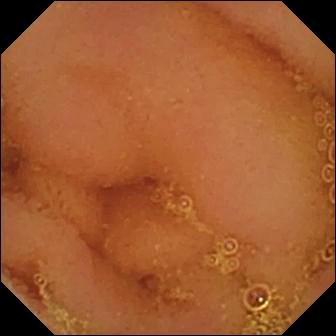- modality: small-bowel capsule endoscopy
- segment: small intestine
- impression: normal clean mucosa